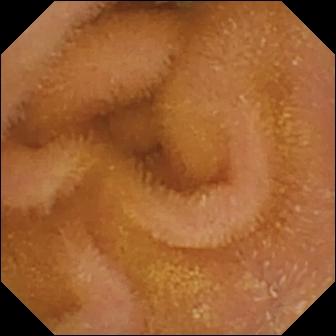Q: What does this small-bowel capsule endoscopy snapshot show?
A: Normal clean mucosa.